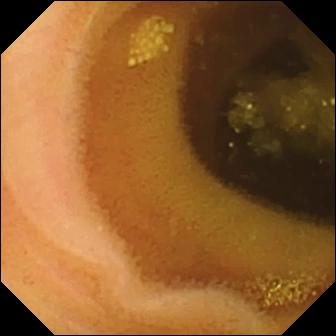- modality: capsule endoscopy
- label: lymphangiectasia